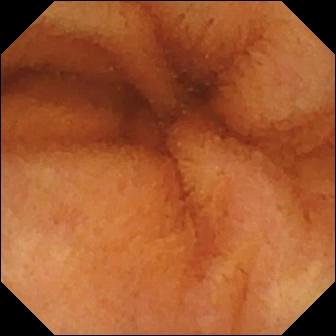Normal clean mucosa — video capsule endoscopy snapshot of the small intestine.